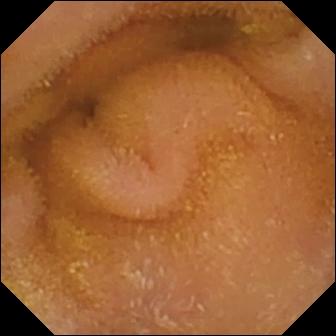This WCE still of the small bowel shows normal clean mucosa.